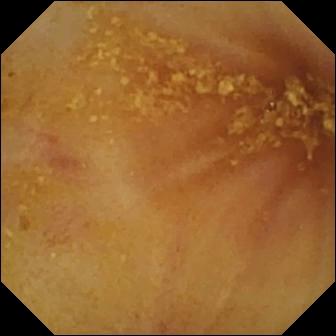Video capsule endoscopy image, 336×336. Taken in the ileo-cecal valve region.